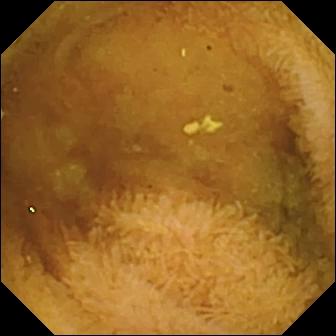modality: small-bowel capsule endoscopy
segment: small bowel
observation: normal clean mucosa